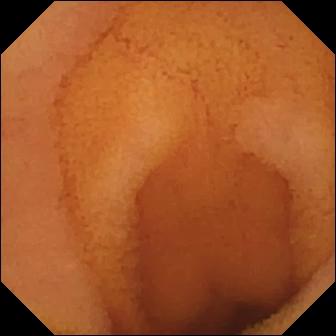VCE. Luminal finding. Impression: normal clean mucosa.